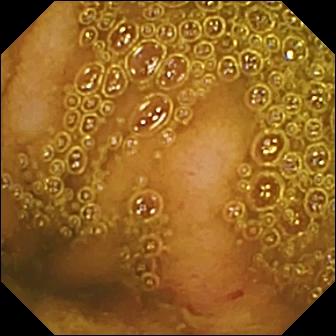This WCE snapshot shows erosion.